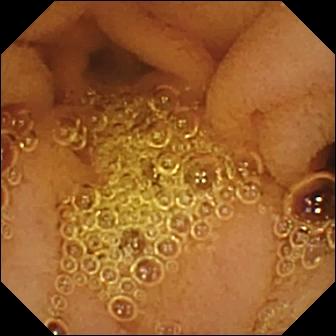{"modality": "VCE", "finding": "normal clean mucosa"}